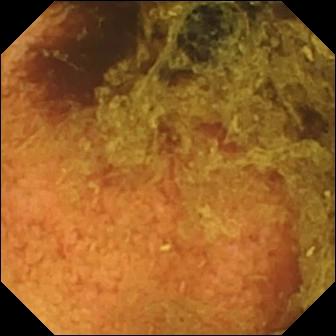This capsule endoscopy snapshot shows normal clean mucosa.